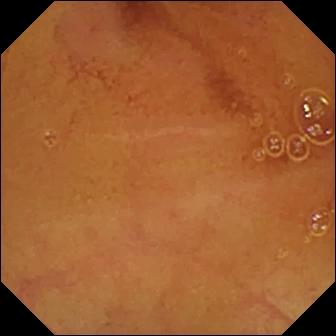Normal clean mucosa (336×336).